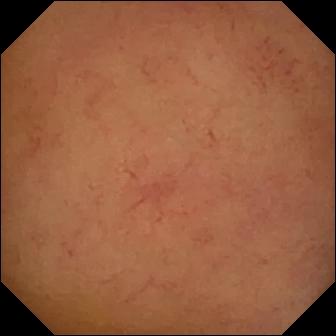Normal clean mucosa — video capsule endoscopy snapshot.